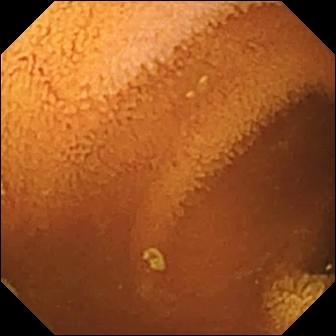This wireless capsule endoscopy snapshot shows normal clean mucosa.